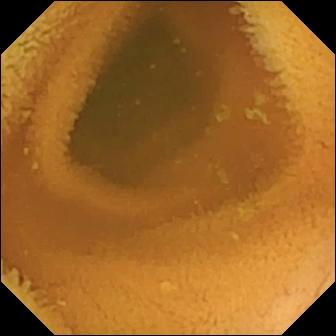modality: wireless capsule endoscopy; segment: small intestine; label: normal clean mucosa